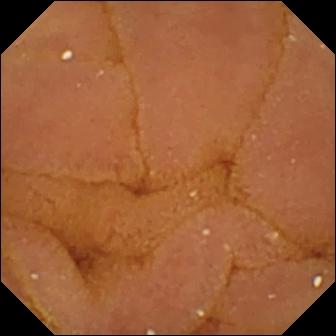Video capsule endoscopy — normal clean mucosa.